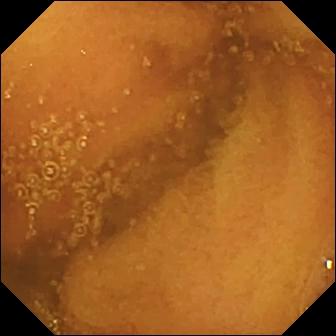- modality: small-bowel capsule endoscopy
- segment: small bowel
- category: luminal finding
- observation: normal clean mucosa